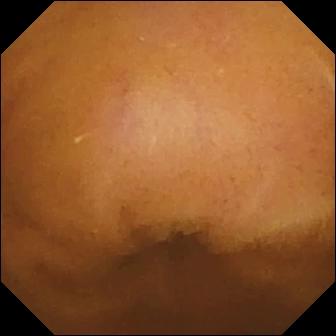modality: capsule endoscopy
segment: small intestine
observation: normal clean mucosa